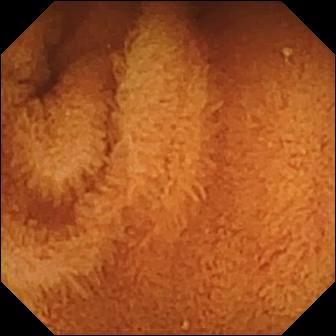Small-bowel capsule endoscopy still of the small bowel showing normal clean mucosa.